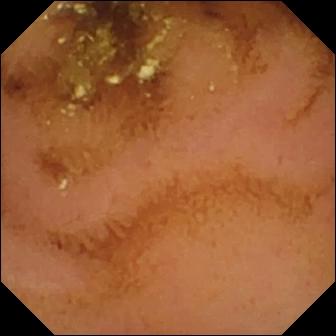{"modality": "capsule endoscopy", "category": "luminal finding", "finding": "normal clean mucosa"}